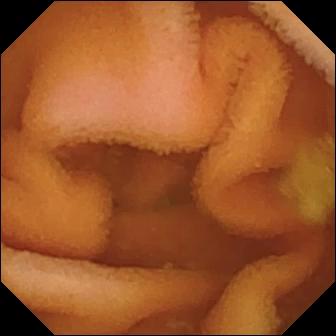Q: What does this video capsule endoscopy image show?
A: Normal clean mucosa.